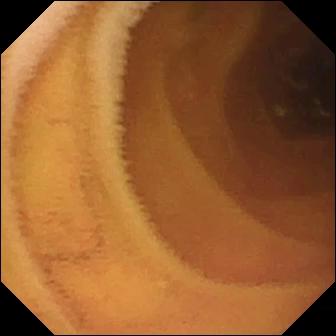Normal clean mucosa — video capsule endoscopy image of the small bowel.